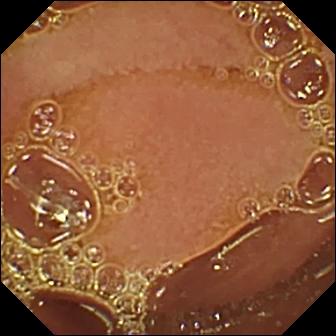Q: What does this wireless capsule endoscopy snapshot show?
A: Normal clean mucosa.